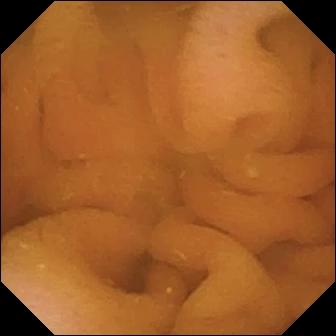VCE still (small bowel). Normal clean mucosa.